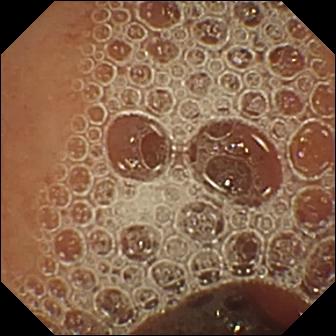PROCEDURE: Capsule endoscopy.
FINDINGS: Normal clean mucosa.